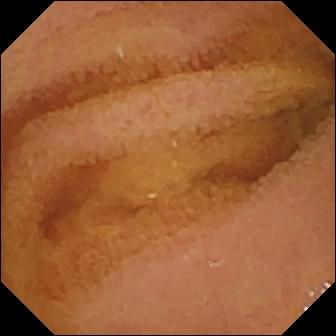This VCE view shows normal clean mucosa.